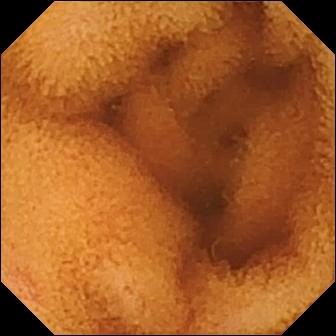Video capsule endoscopy — normal clean mucosa.